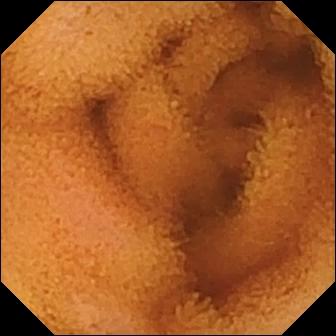{"modality": "capsule endoscopy", "segment": "small intestine", "category": "luminal finding", "finding": "normal clean mucosa"}